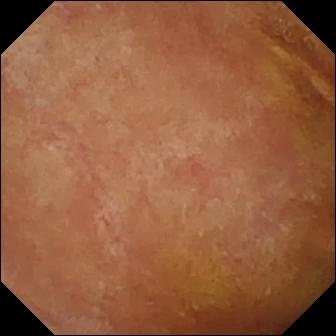WCE snapshot. Normal clean mucosa.